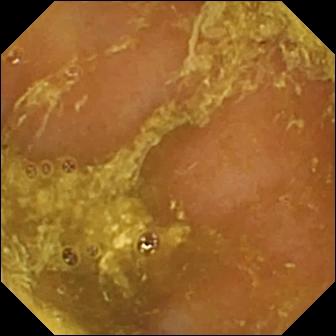Q: What does this wireless capsule endoscopy image show?
A: Reduced mucosal view (content or bubbles obscuring the mucosa).